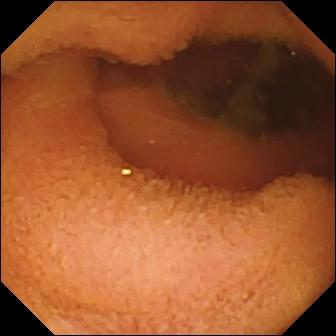Normal clean mucosa (336×336).